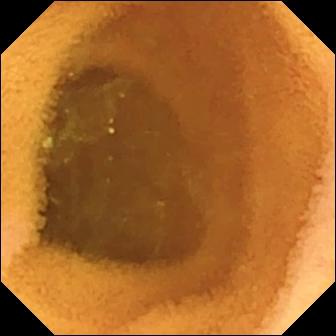Wireless capsule endoscopy. Small intestine. Label: normal clean mucosa.